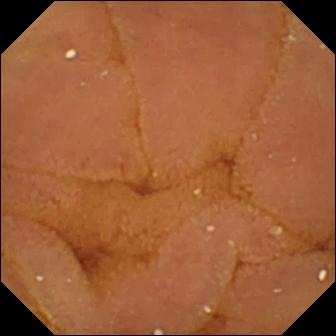Normal clean mucosa.